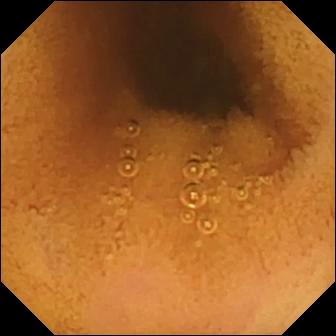Video capsule endoscopy view of the small bowel showing normal clean mucosa.